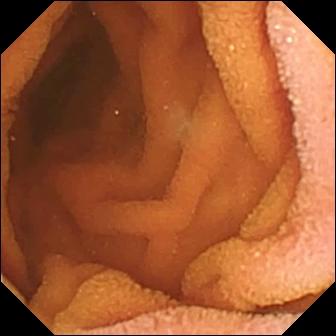{"modality": "video capsule endoscopy", "finding": "normal clean mucosa"}